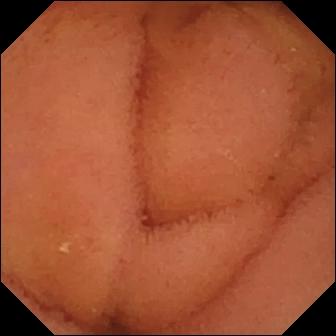This small-bowel capsule endoscopy image shows normal clean mucosa.